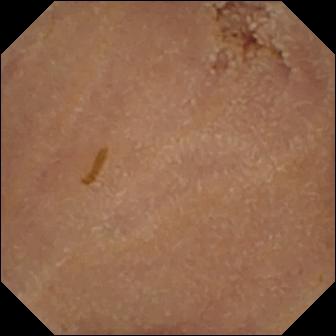modality: wireless capsule endoscopy; observation: normal clean mucosa